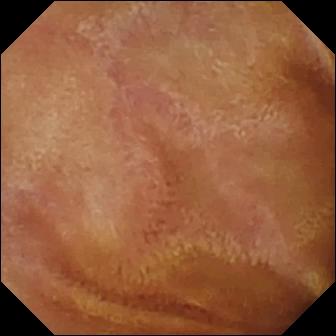Normal clean mucosa.